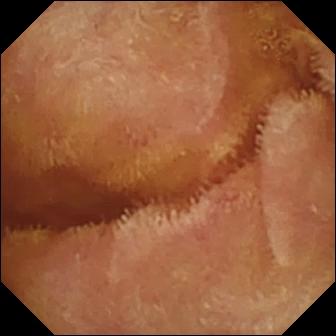- modality: wireless capsule endoscopy
- segment: small intestine
- label: normal clean mucosa